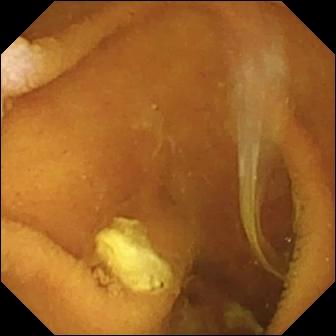Normal clean mucosa.